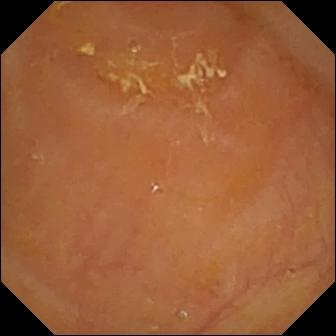Reduced mucosal view (content or bubbles obscuring the mucosa).